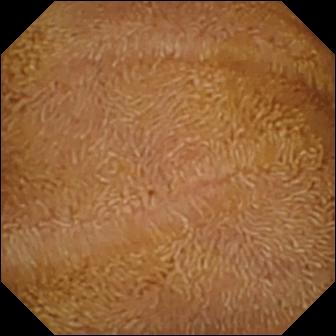Small-bowel capsule endoscopy view, small intestine
Impression: normal clean mucosa